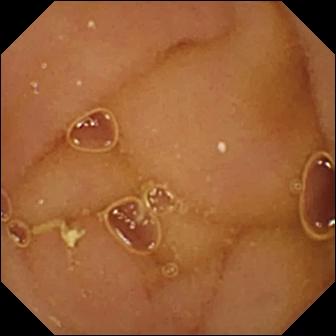Video capsule endoscopy — normal clean mucosa.